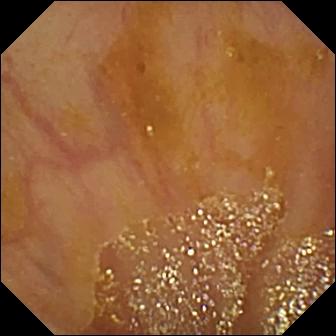Ileo-cecal valve region (the transition from the small bowel to the large bowel) — small-bowel capsule endoscopy frame.